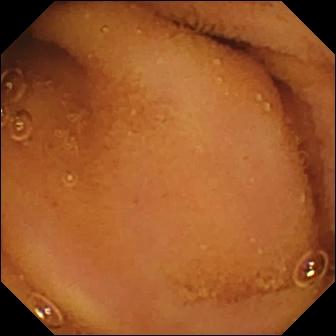- modality: video capsule endoscopy
- segment: small intestine
- observation: normal clean mucosa